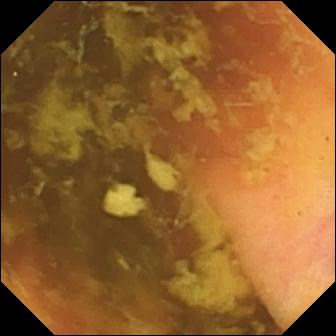- modality: small-bowel capsule endoscopy
- category: anatomical landmark
- video segment: ileo-cecal valve region (the transition from the small bowel to the large bowel)